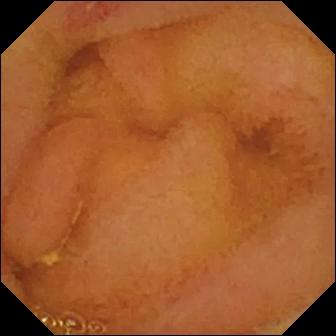VCE still showing erosion.